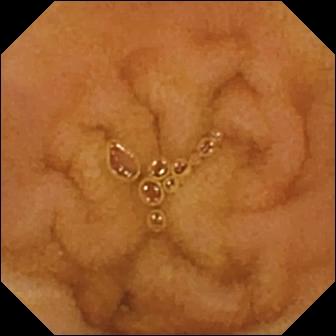modality: WCE | label: normal clean mucosa